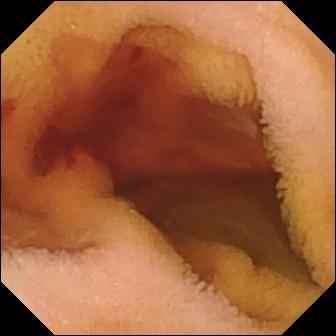Q: What does this wireless capsule endoscopy snapshot show?
A: Fresh blood in the lumen.